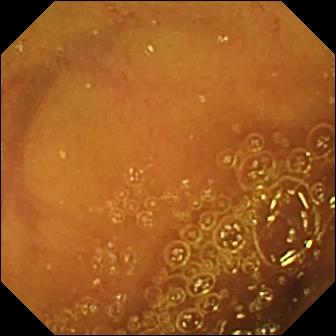- modality: video capsule endoscopy
- category: luminal finding
- finding: normal clean mucosa